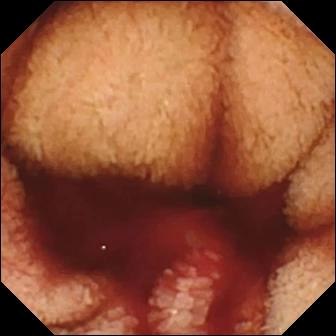{"modality": "VCE", "finding": "fresh blood in the lumen"}